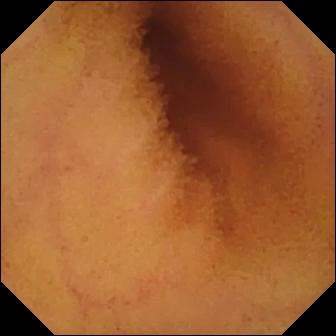WCE image showing normal clean mucosa.